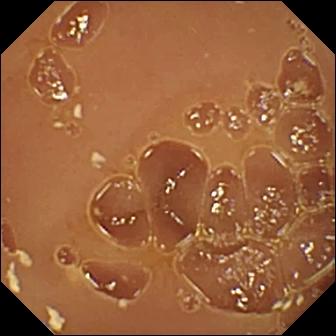Normal clean mucosa — small-bowel capsule endoscopy snapshot of the small intestine.